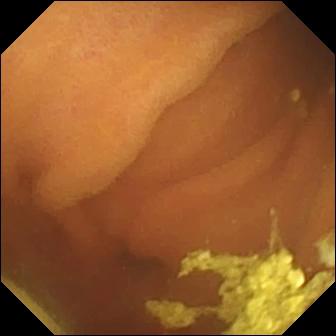This wireless capsule endoscopy still shows foreign body (e.g. retained capsule, tablet residue).